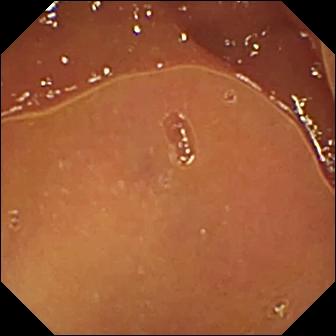Small-bowel capsule endoscopy — normal clean mucosa.